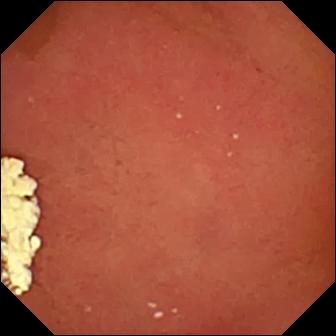This small-bowel capsule endoscopy frame was taken in the pylorus region (the junction between the stomach and the small bowel).